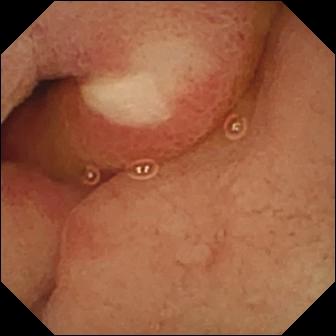Ulcer — VCE snapshot.